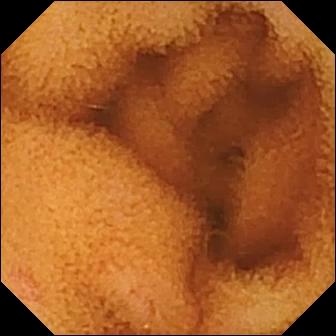PROCEDURE: Small-bowel capsule endoscopy.
SEGMENT: Small bowel.
FINDINGS: Normal clean mucosa.